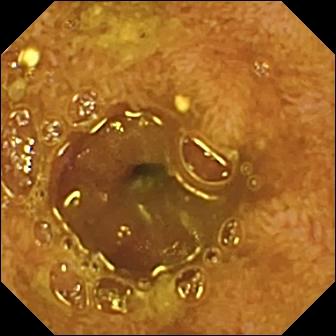Ileo-cecal valve region (where the capsule passes from the small bowel into the large bowel) — VCE view.